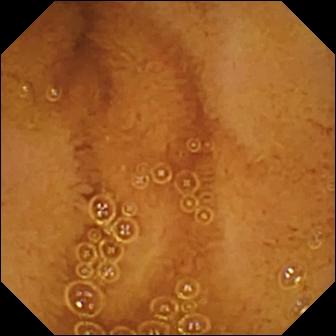{"modality": "small-bowel capsule endoscopy", "finding": "normal clean mucosa"}